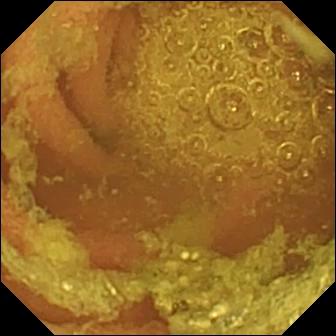PROCEDURE: Small-bowel capsule endoscopy.
SEGMENT: Small intestine.
FINDINGS: Normal clean mucosa.